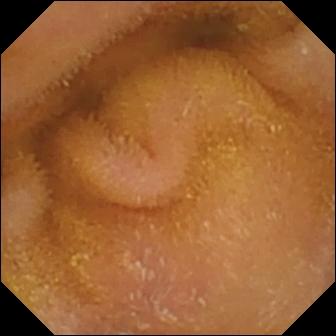VCE — normal clean mucosa.